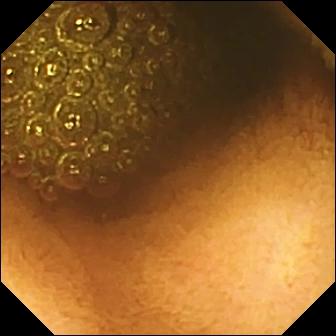- modality: WCE
- segment: small bowel
- label: reduced mucosal view (content or bubbles obscuring the mucosa)